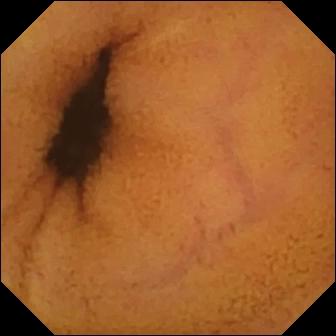VCE still of the small bowel showing normal clean mucosa.